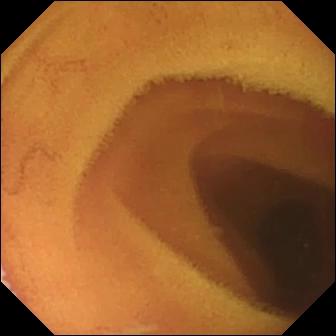- modality: VCE
- impression: normal clean mucosa